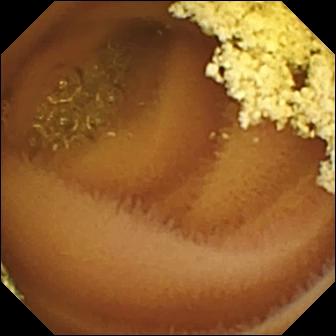Capsule endoscopy image
Observation: normal clean mucosa